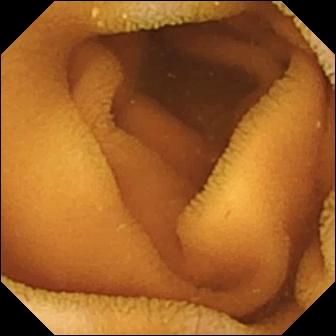Capsule endoscopy — normal clean mucosa.